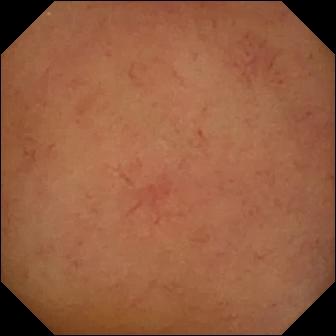- modality: VCE
- category: luminal finding
- observation: normal clean mucosa